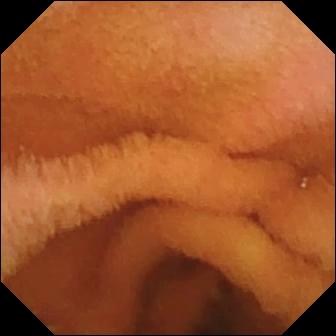Wireless capsule endoscopy — normal clean mucosa.